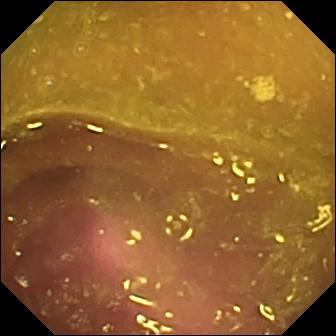Small-bowel capsule endoscopy — reduced mucosal view (content or bubbles obscuring the mucosa).